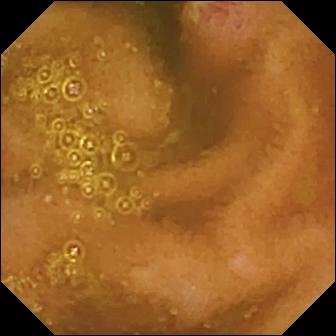- modality: video capsule endoscopy
- category: luminal finding
- finding: ulcer